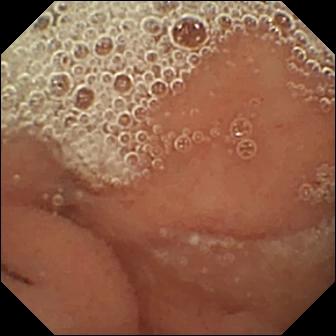- modality: capsule endoscopy
- segment: small intestine
- impression: normal clean mucosa